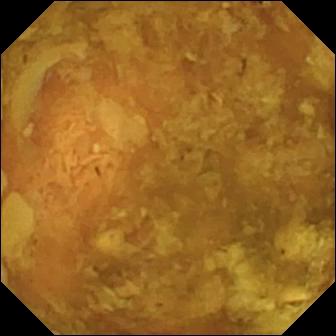Reduced mucosal view (content or bubbles obscuring the mucosa) — video capsule endoscopy view.